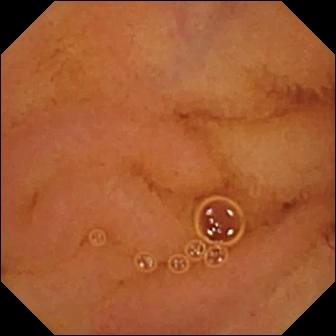Q: What does this video capsule endoscopy snapshot show?
A: Normal clean mucosa.